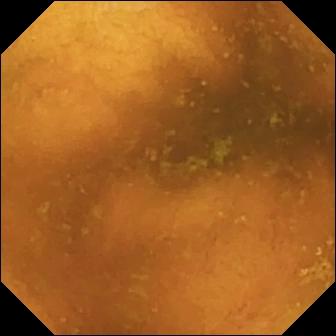This wireless capsule endoscopy image shows normal clean mucosa.